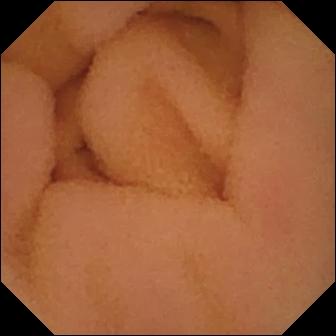modality: VCE
segment: small bowel
impression: normal clean mucosa